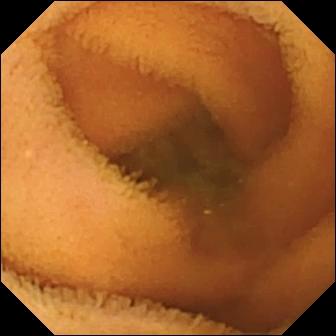Video capsule endoscopy. Small intestine. Luminal finding. Finding: normal clean mucosa.